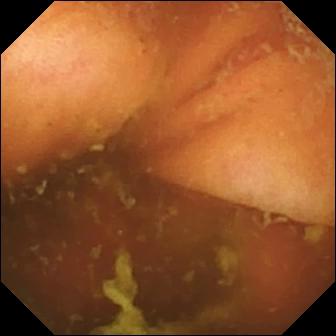Q: Where in the digestive tract was this wireless capsule endoscopy frame taken?
A: Ileo-cecal valve region.